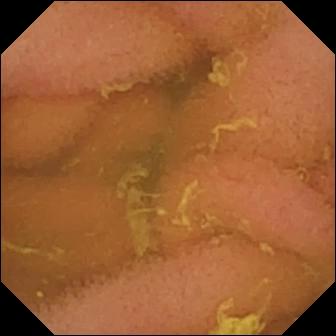PROCEDURE: Small-bowel capsule endoscopy.
FINDINGS: Normal clean mucosa.